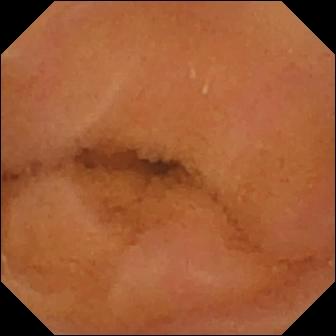Q: What does this video capsule endoscopy view of the small intestine show?
A: Normal clean mucosa.